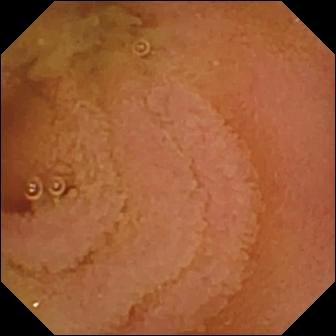Normal clean mucosa (336×336).